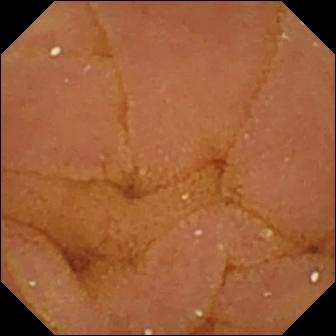Small-bowel capsule endoscopy image showing normal clean mucosa.